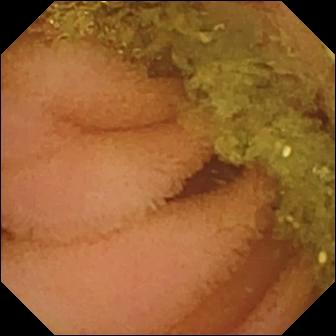Small-bowel capsule endoscopy still of the small intestine showing normal clean mucosa.